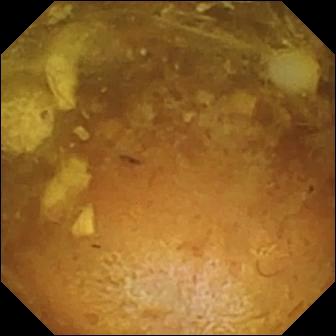PROCEDURE: VCE.
FINDINGS: Reduced mucosal view (content or bubbles obscuring the mucosa).